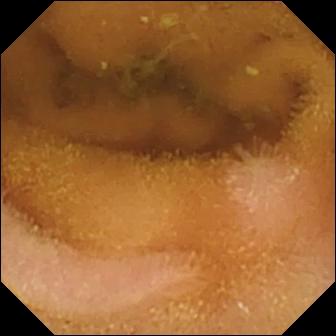Capsule endoscopy image (small intestine). Normal clean mucosa.